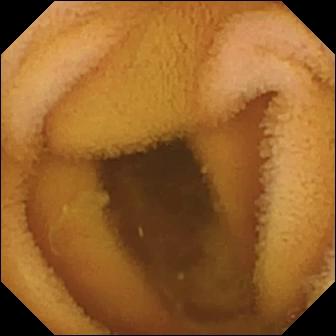WCE image of the small intestine showing normal clean mucosa.